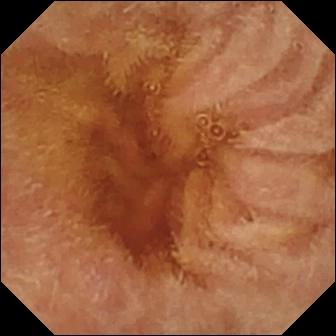Small-bowel capsule endoscopy view showing normal clean mucosa.